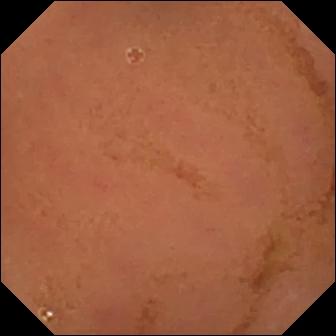{"modality": "video capsule endoscopy", "segment": "small intestine", "category": "luminal finding", "finding": "normal clean mucosa"}